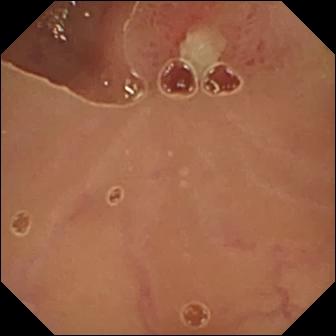PROCEDURE: WCE.
FINDINGS: Ulcer.